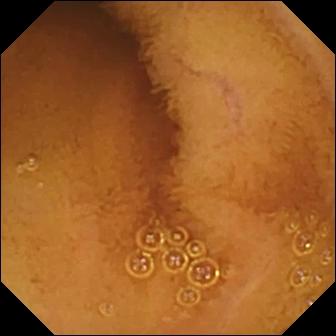Q: What does this wireless capsule endoscopy frame show?
A: Normal clean mucosa.